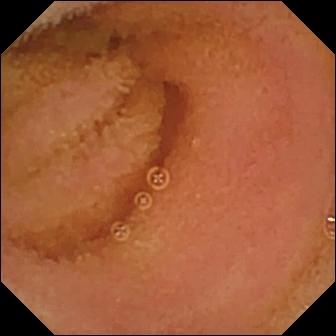- modality: wireless capsule endoscopy
- impression: normal clean mucosa